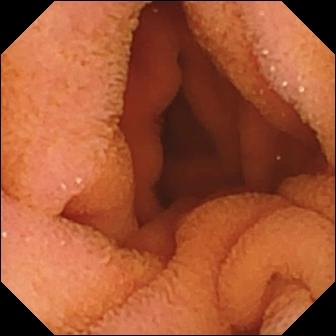This VCE view of the small bowel shows normal clean mucosa.